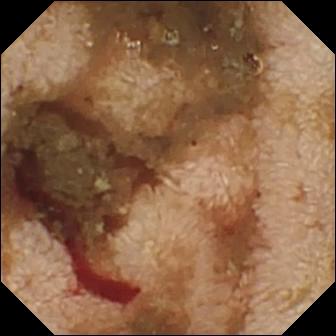{"modality": "small-bowel capsule endoscopy", "category": "luminal finding", "finding": "fresh blood in the lumen"}